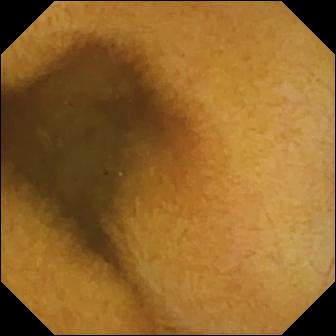PROCEDURE: Capsule endoscopy.
FINDINGS: Normal clean mucosa.